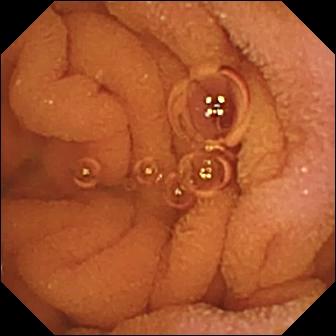PROCEDURE: WCE.
FINDINGS: Normal clean mucosa.